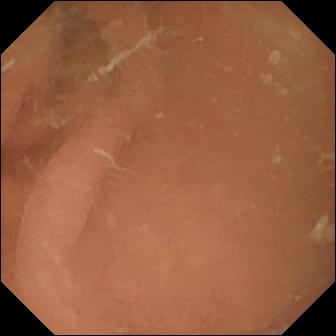Video capsule endoscopy. Small bowel. Observation: normal clean mucosa.